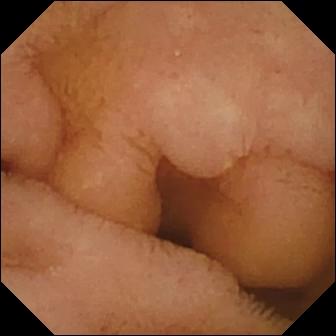VCE. Luminal finding. Label: normal clean mucosa.